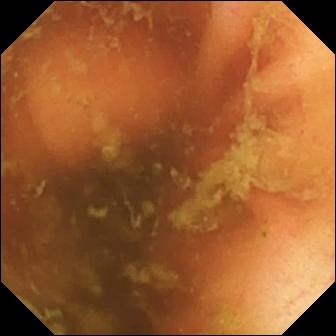Capsule endoscopy view, 336×336. Taken in the ileo-cecal valve region (the transition from the small bowel to the large bowel).